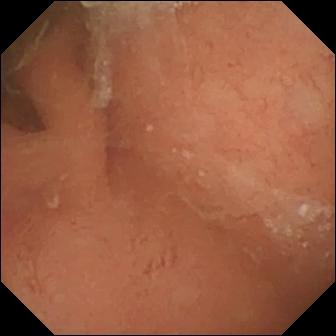Video capsule endoscopy. Small bowel. Label: normal clean mucosa.